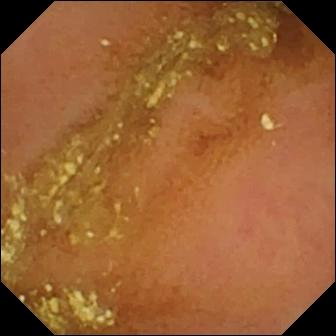This small-bowel capsule endoscopy image of the small intestine shows normal clean mucosa.